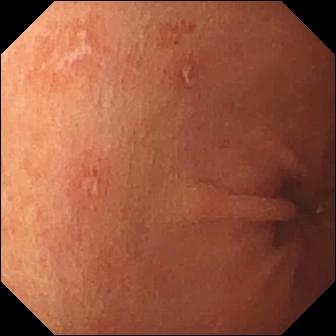- modality: WCE
- impression: erosion